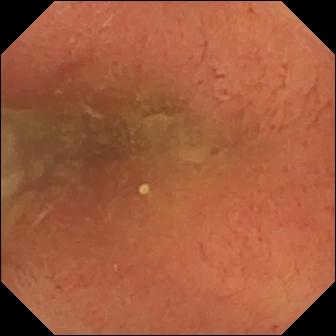Wireless capsule endoscopy — pylorus region (where the capsule passes from the stomach into the small bowel).